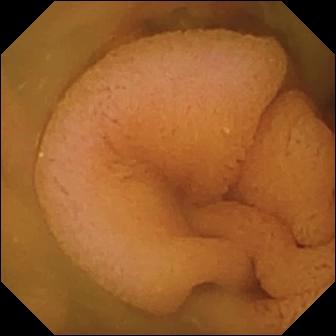- modality: VCE
- finding: normal clean mucosa